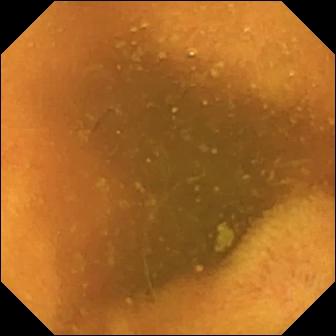Small-bowel capsule endoscopy view, small intestine
Label: normal clean mucosa